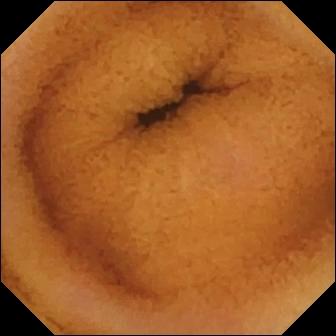PROCEDURE: VCE.
SEGMENT: Small intestine.
FINDINGS: Normal clean mucosa.